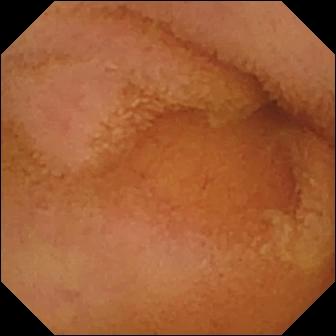This wireless capsule endoscopy still shows normal clean mucosa.